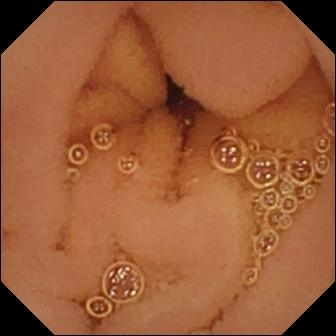VCE image (small intestine). Normal clean mucosa.